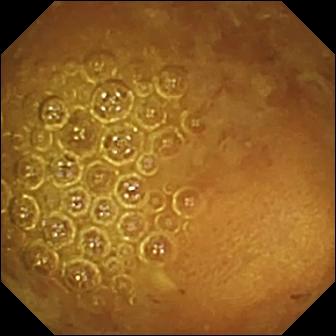VCE still. Reduced mucosal view (content or bubbles obscuring the mucosa).